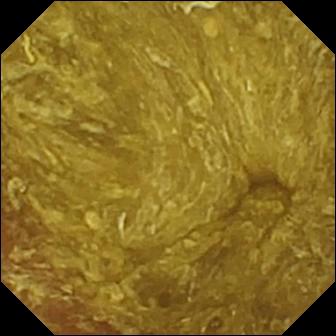Reduced mucosal view (content or bubbles obscuring the mucosa) — VCE image of the small bowel.